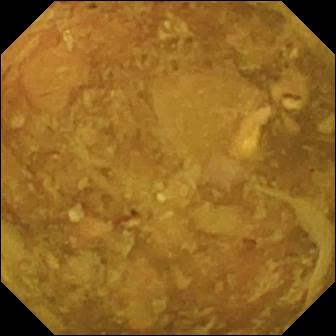Capsule endoscopy frame showing reduced mucosal view (content or bubbles obscuring the mucosa).